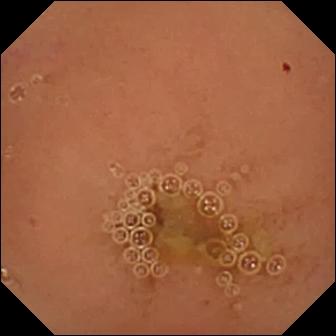Normal clean mucosa (336×336).